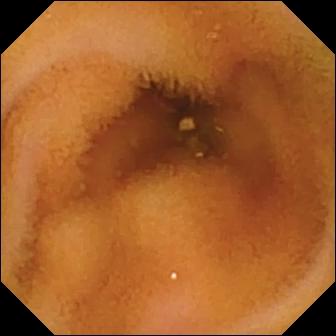VCE — normal clean mucosa.